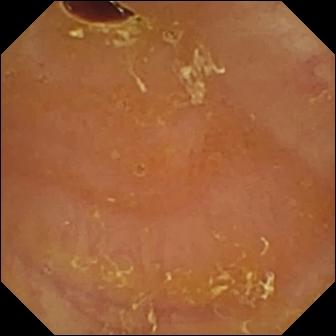PROCEDURE: WCE.
SEGMENT: Small intestine.
FINDINGS: Reduced mucosal view (content or bubbles obscuring the mucosa).